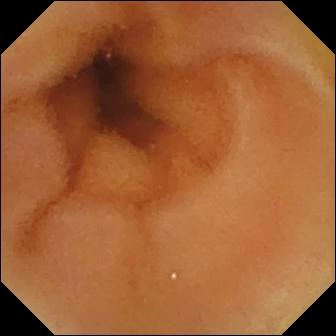VCE view (small intestine). Normal clean mucosa.